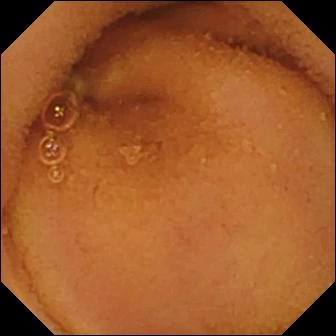WCE still of the small intestine showing normal clean mucosa.